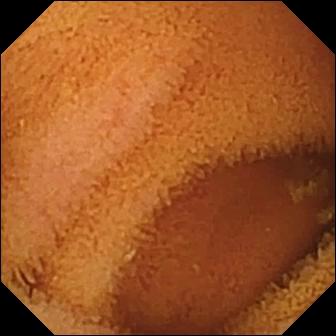This small-bowel capsule endoscopy snapshot of the small bowel shows normal clean mucosa.